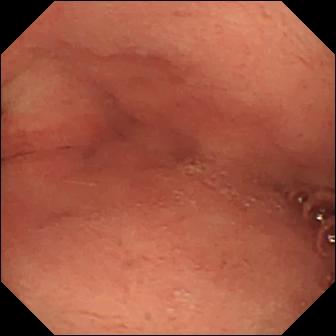Q: Where in the digestive tract was this video capsule endoscopy snapshot taken?
A: Pylorus region (the junction between the stomach and the small bowel).